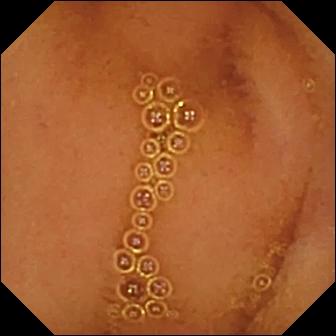Small-bowel capsule endoscopy view, small bowel
Impression: normal clean mucosa